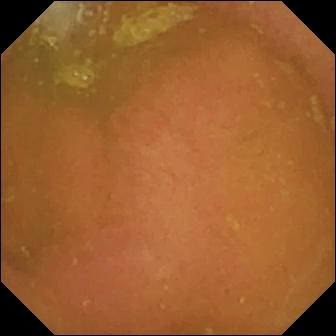Small-bowel capsule endoscopy frame, 336×336. Normal clean mucosa.